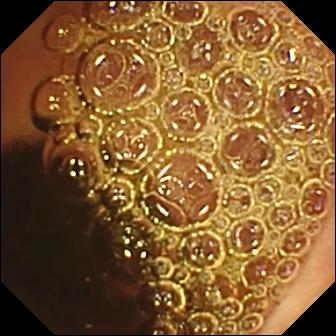VCE still
Finding: normal clean mucosa